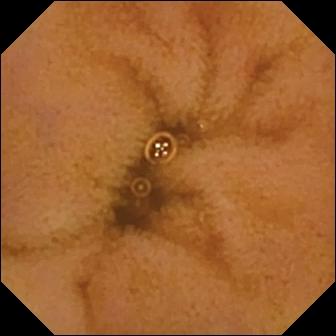WCE. Finding: normal clean mucosa.